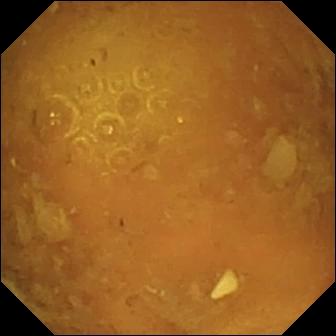Reduced mucosal view (content or bubbles obscuring the mucosa) — WCE frame of the small bowel.